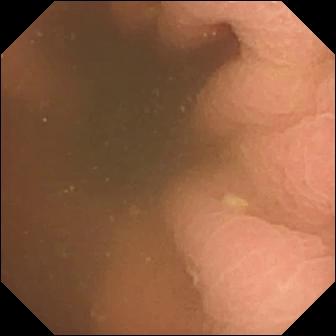- modality: video capsule endoscopy
- location: pylorus region (where the capsule passes from the stomach into the small bowel)